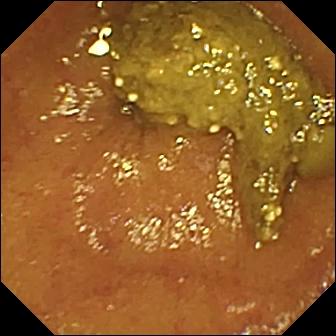- modality: VCE
- video segment: ileo-cecal valve region (where the capsule passes from the small bowel into the large bowel)